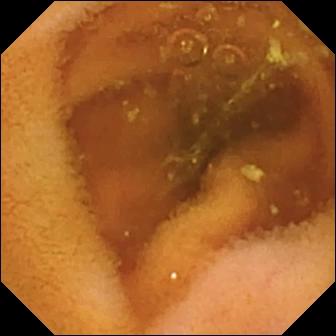Video capsule endoscopy — normal clean mucosa.